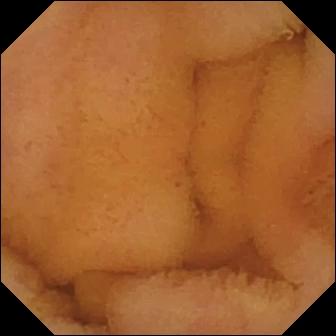Q: What does this wireless capsule endoscopy still of the small bowel show?
A: Normal clean mucosa.